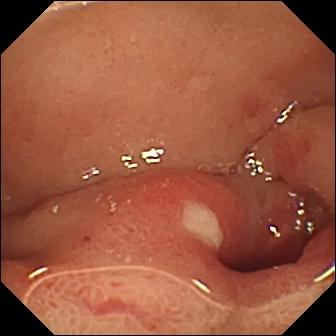WCE frame
Impression: ulcer